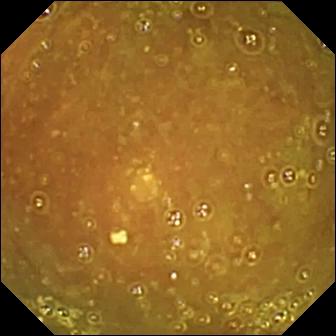Capsule endoscopy still
Video segment: ileo-cecal valve region